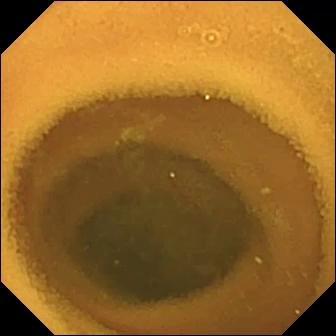WCE. Observation: normal clean mucosa.